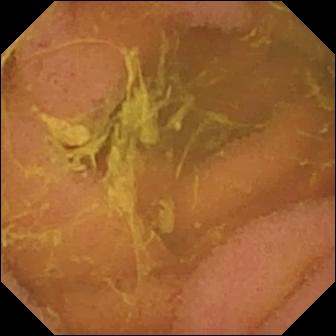- modality: WCE
- impression: normal clean mucosa